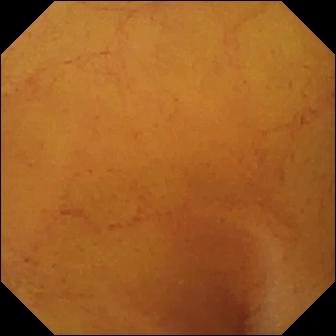Wireless capsule endoscopy still of the small bowel showing normal clean mucosa.